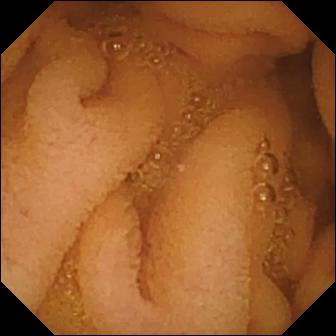Q: What does this capsule endoscopy still show?
A: Normal clean mucosa.